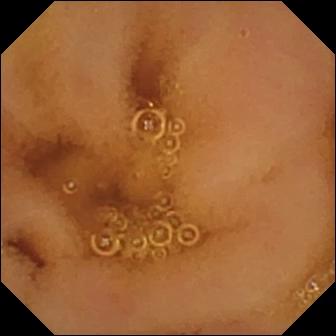VCE — normal clean mucosa.